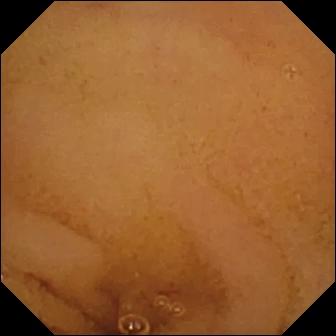This video capsule endoscopy frame shows normal clean mucosa.